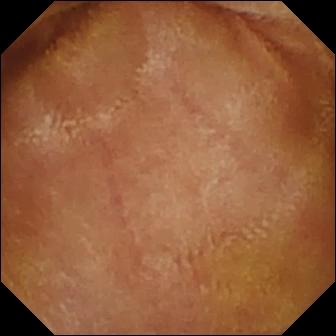VCE frame
Impression: normal clean mucosa